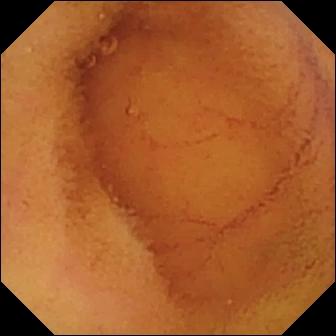Video capsule endoscopy. Label: normal clean mucosa.